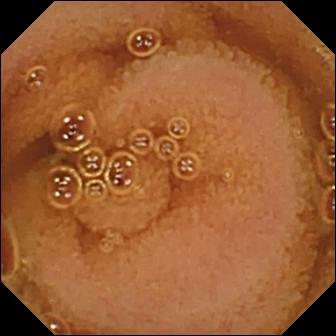Normal clean mucosa.